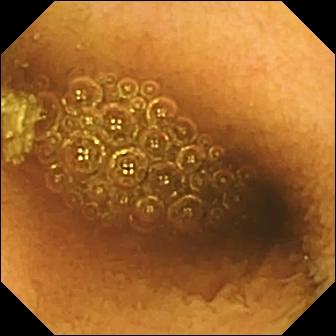modality: video capsule endoscopy; observation: reduced mucosal view (content or bubbles obscuring the mucosa)